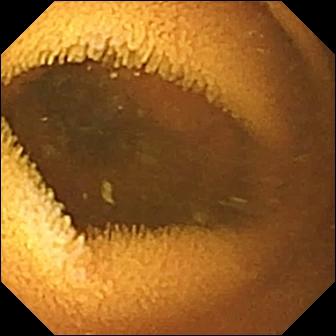Q: What does this video capsule endoscopy still show?
A: Normal clean mucosa.